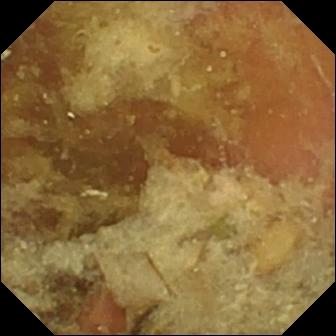WCE frame
Label: pylorus region (where the capsule passes from the stomach into the small bowel)